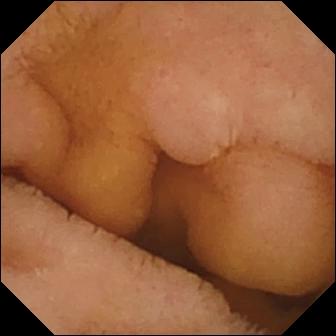- modality: small-bowel capsule endoscopy
- observation: normal clean mucosa